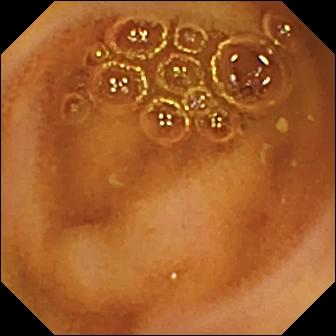Wireless capsule endoscopy — normal clean mucosa.